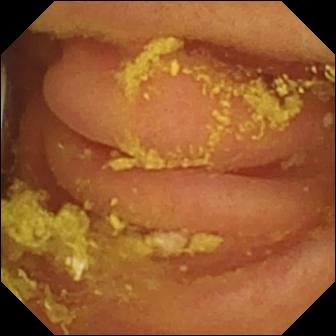WCE. Luminal finding. Label: foreign body (e.g. retained capsule, tablet residue).